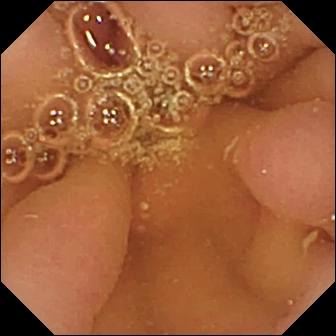Pylorus region (where the capsule passes from the stomach into the small bowel) — video capsule endoscopy still.